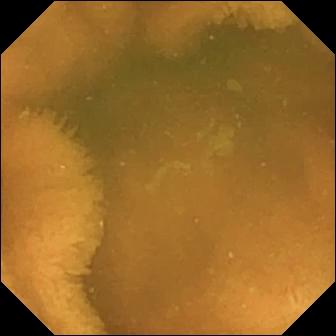Capsule endoscopy image showing normal clean mucosa.